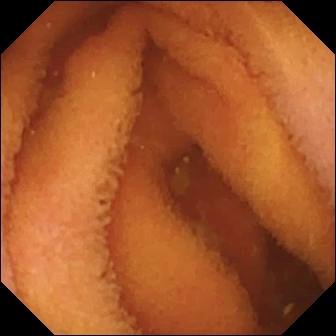modality: WCE
segment: small bowel
finding: normal clean mucosa